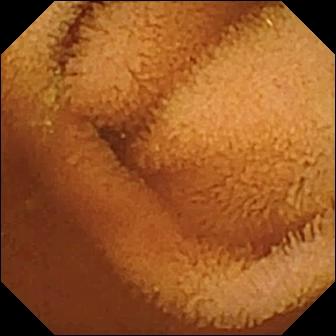Wireless capsule endoscopy frame, small intestine
Finding: normal clean mucosa